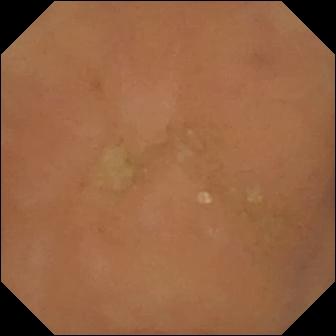Normal clean mucosa — WCE snapshot.